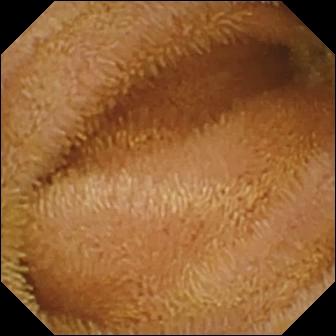{"modality": "capsule endoscopy", "segment": "small bowel", "finding": "normal clean mucosa"}